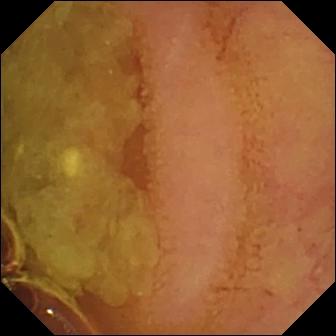{"modality": "capsule endoscopy", "segment": "small intestine", "category": "luminal finding", "finding": "normal clean mucosa"}